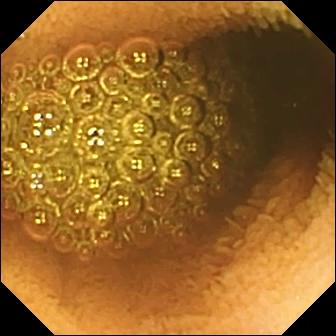Video capsule endoscopy — reduced mucosal view (content or bubbles obscuring the mucosa).